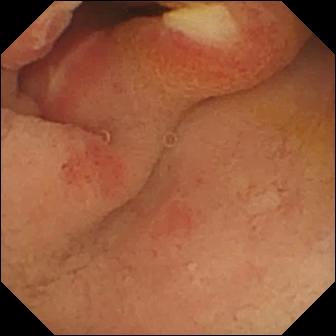- modality: video capsule endoscopy
- observation: ulcer